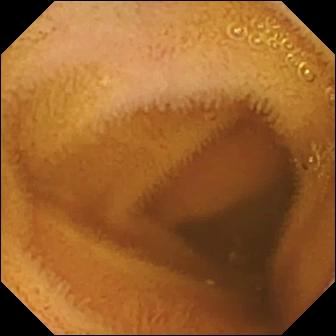Wireless capsule endoscopy — normal clean mucosa.